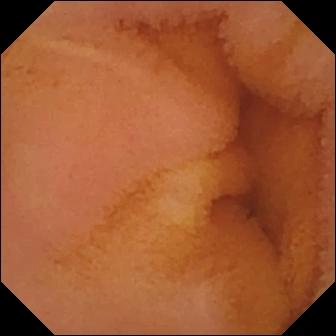Video capsule endoscopy. Small intestine. Luminal finding. Observation: normal clean mucosa.